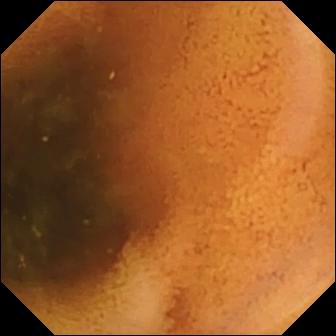Q: What does this WCE image of the small intestine show?
A: Normal clean mucosa.